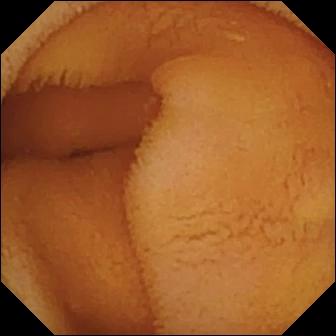Wireless capsule endoscopy — normal clean mucosa.